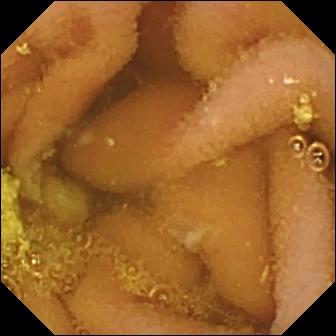Wireless capsule endoscopy — lymphangiectasia.